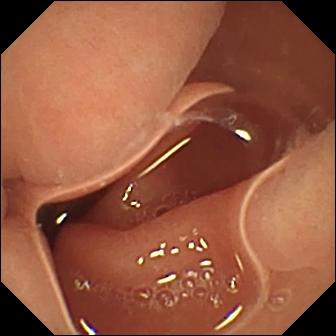Capsule endoscopy still showing normal clean mucosa.